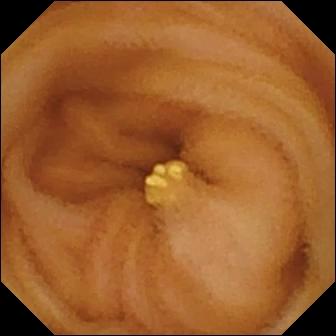{"modality": "video capsule endoscopy", "finding": "lymphangiectasia"}